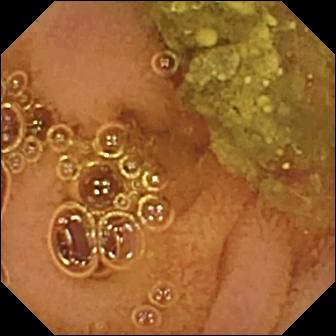Video capsule endoscopy — normal clean mucosa.